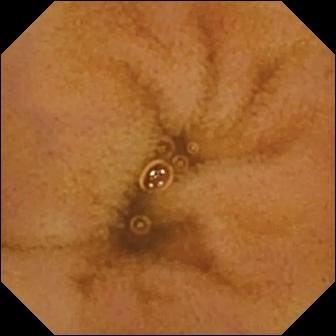VCE still showing normal clean mucosa.